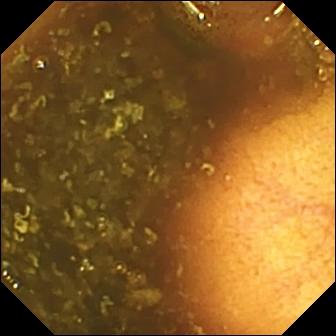Ileo-cecal valve region — video capsule endoscopy snapshot.